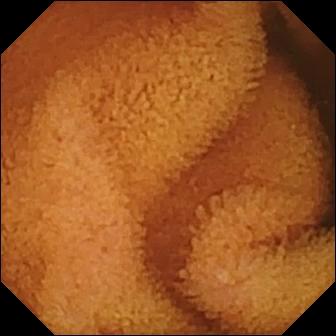{"modality": "small-bowel capsule endoscopy", "finding": "normal clean mucosa"}